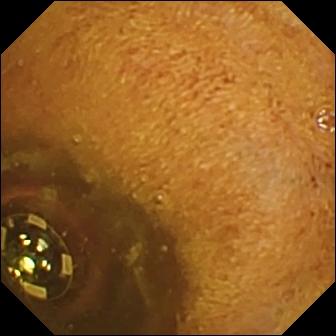- modality: small-bowel capsule endoscopy
- impression: foreign body (e.g. retained capsule, tablet residue)